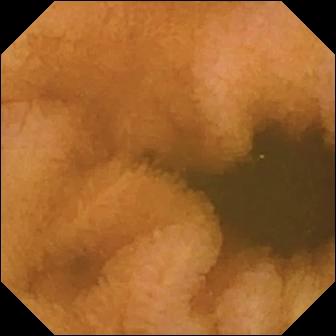Normal clean mucosa — VCE snapshot.